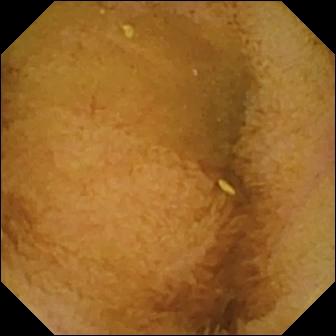This VCE snapshot shows normal clean mucosa.